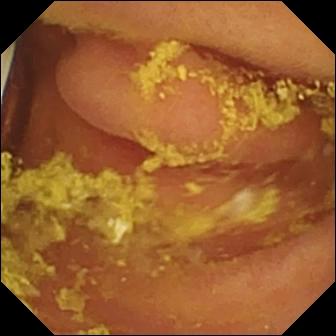VCE snapshot. Foreign body (e.g. retained capsule, tablet residue).